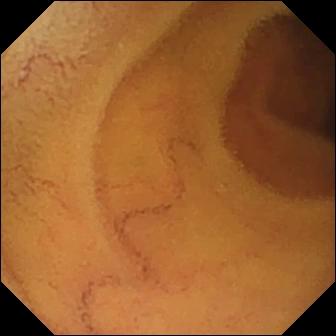Q: What does this VCE frame of the small bowel show?
A: Normal clean mucosa.